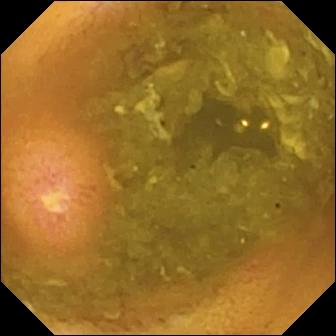Ulcer.